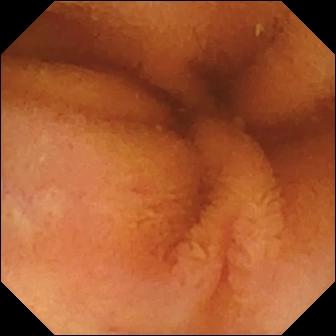Video capsule endoscopy view, 336×336. Normal clean mucosa.